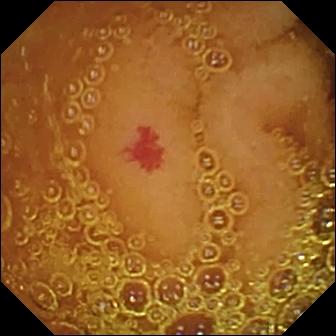modality: video capsule endoscopy
observation: angiectasia